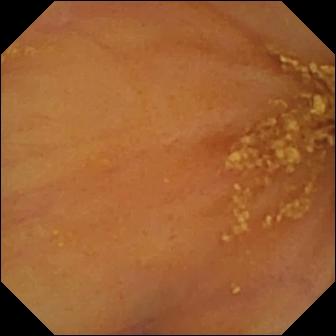PROCEDURE: Wireless capsule endoscopy.
LABEL: Ileo-cecal valve region (where the capsule passes from the small bowel into the large bowel).